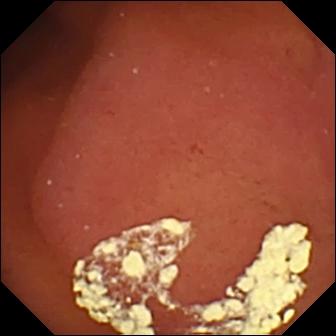Capsule endoscopy — pylorus region (where the capsule passes from the stomach into the small bowel).